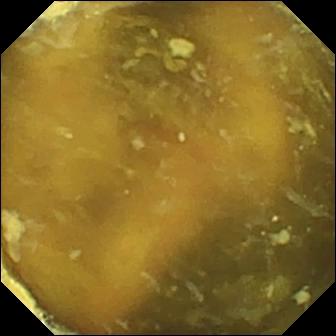Capsule endoscopy frame. Taken in the ileo-cecal valve region.